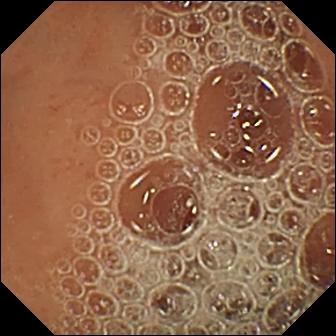modality: VCE | finding: normal clean mucosa